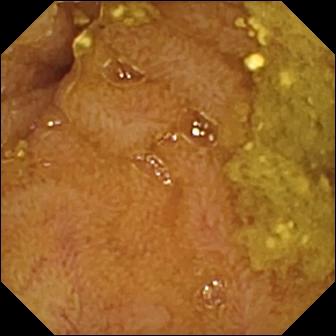Capsule endoscopy. Label: ileo-cecal valve region (the transition from the small bowel to the large bowel).